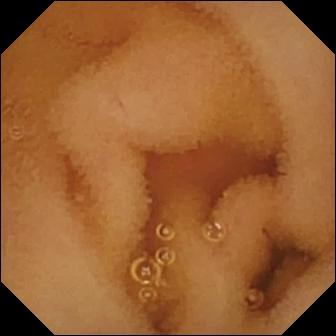Video capsule endoscopy snapshot, small intestine
Observation: normal clean mucosa